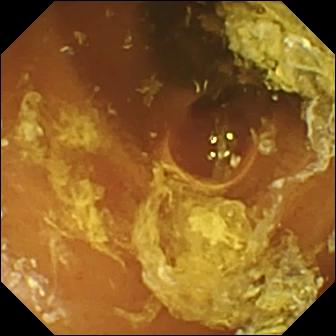- modality: VCE
- segment: small intestine
- finding: normal clean mucosa